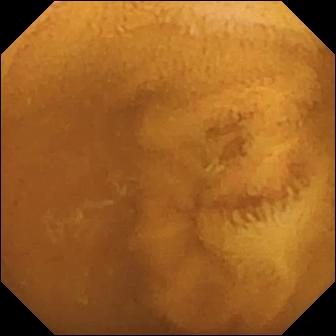Capsule endoscopy — normal clean mucosa.